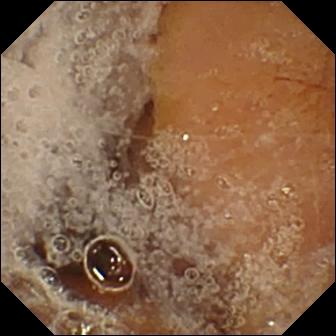Video capsule endoscopy — pylorus region (the junction between the stomach and the small bowel).